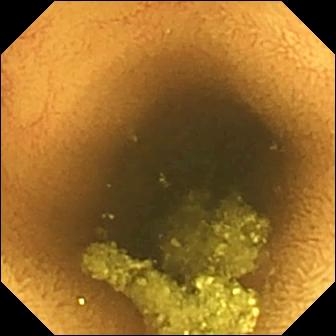- modality: wireless capsule endoscopy
- observation: normal clean mucosa